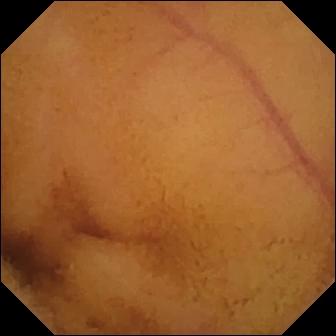Wireless capsule endoscopy still. Normal clean mucosa.